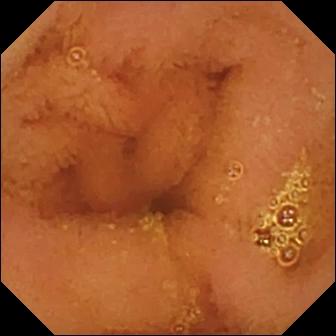Normal clean mucosa.